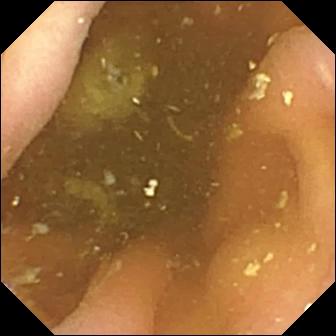{"modality": "VCE", "video_segment": "pylorus region (the junction between the stomach and the small bowel)"}